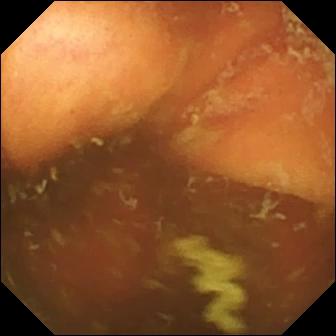- modality: video capsule endoscopy
- label: ileo-cecal valve region (where the capsule passes from the small bowel into the large bowel)